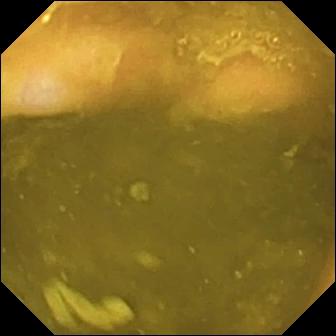PROCEDURE: Wireless capsule endoscopy.
LABEL: Ileo-cecal valve region (where the capsule passes from the small bowel into the large bowel).